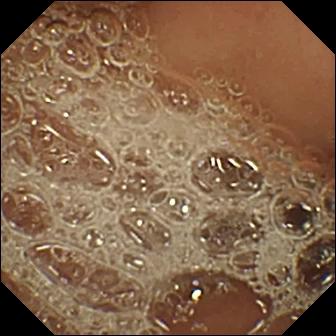Normal clean mucosa.